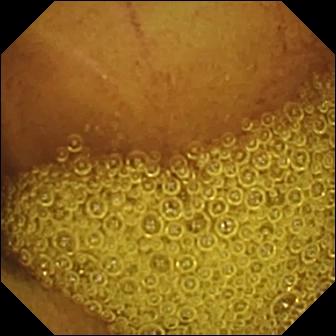Normal clean mucosa (336×336).